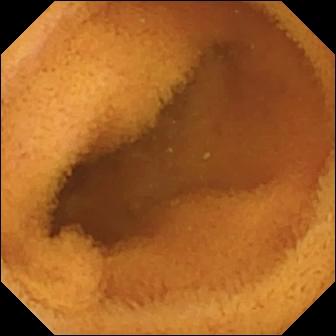{"modality": "video capsule endoscopy", "segment": "small intestine", "finding": "normal clean mucosa"}